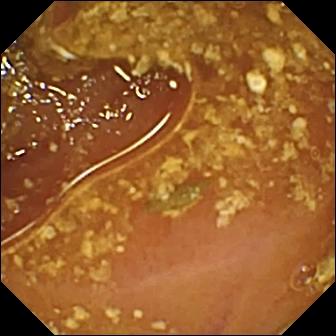PROCEDURE: Wireless capsule endoscopy.
SEGMENT: Small intestine.
FINDINGS: Reduced mucosal view (content or bubbles obscuring the mucosa).